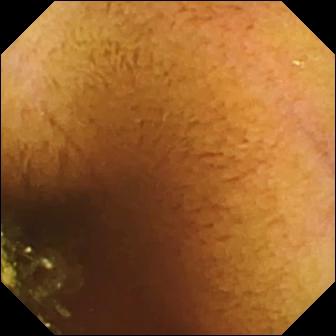PROCEDURE: Wireless capsule endoscopy.
SEGMENT: Small bowel.
FINDINGS: Normal clean mucosa.